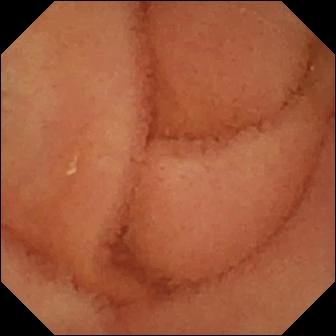modality: capsule endoscopy | category: luminal finding | label: normal clean mucosa